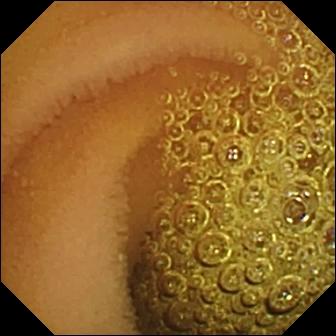Q: What does this capsule endoscopy image show?
A: Normal clean mucosa.